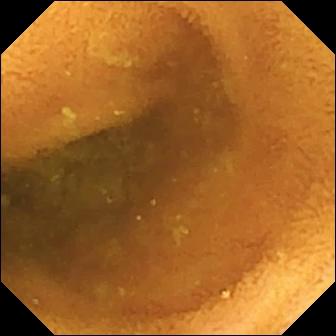Video capsule endoscopy view showing normal clean mucosa.